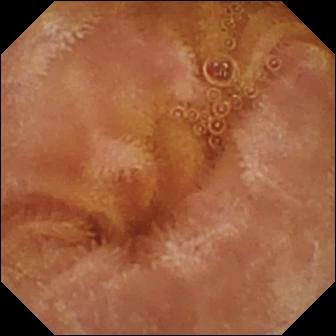VCE image of the small intestine showing normal clean mucosa.